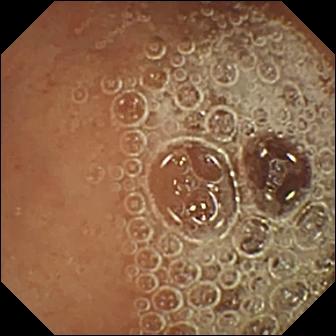Video capsule endoscopy. Observation: normal clean mucosa.